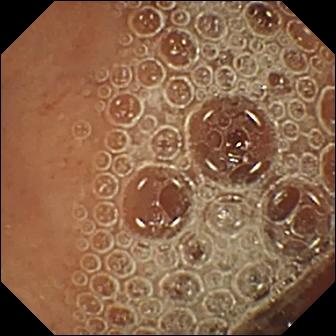- modality: capsule endoscopy
- finding: normal clean mucosa